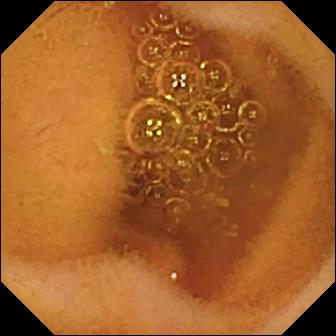VCE snapshot
Impression: normal clean mucosa